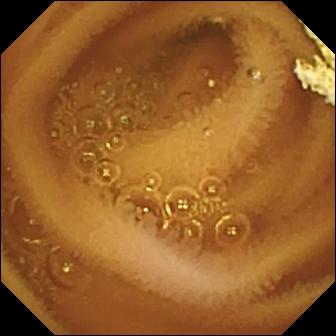PROCEDURE: WCE.
FINDINGS: Normal clean mucosa.